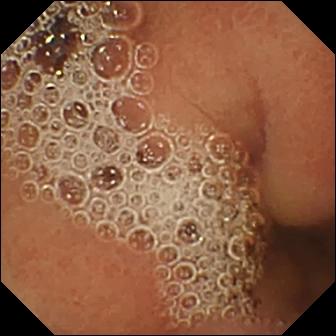- modality: wireless capsule endoscopy
- label: normal clean mucosa